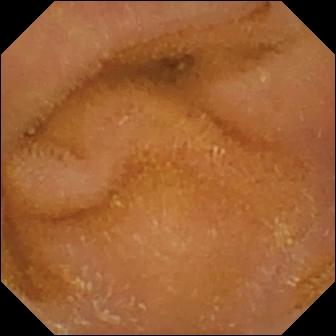Normal clean mucosa — VCE frame.